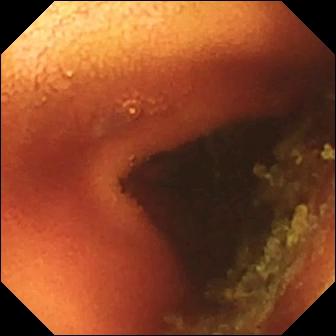Capsule endoscopy snapshot taken in the ileo-cecal valve region (the transition from the small bowel to the large bowel).